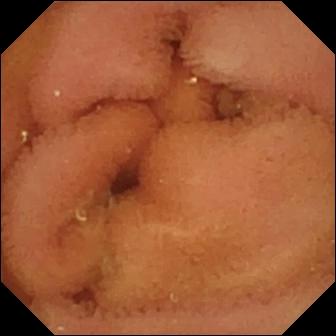Wireless capsule endoscopy. Small intestine. Luminal finding. Finding: normal clean mucosa.